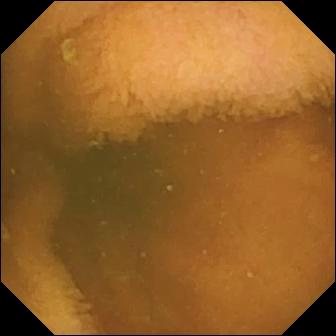- modality: VCE
- category: luminal finding
- label: normal clean mucosa